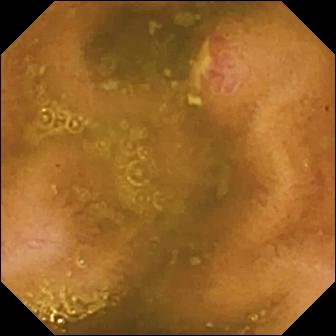- modality: video capsule endoscopy
- category: luminal finding
- impression: ulcer